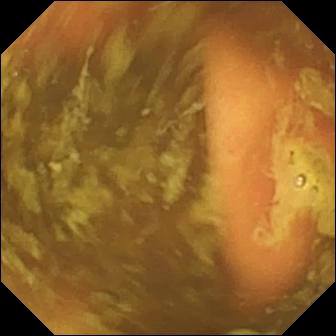{"modality": "small-bowel capsule endoscopy", "position": "ileo-cecal valve region"}